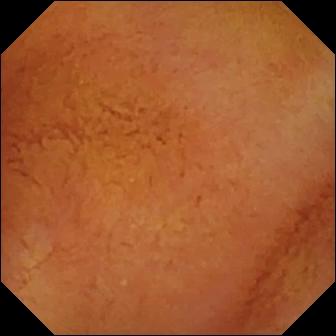- modality: WCE
- segment: small bowel
- category: luminal finding
- label: normal clean mucosa